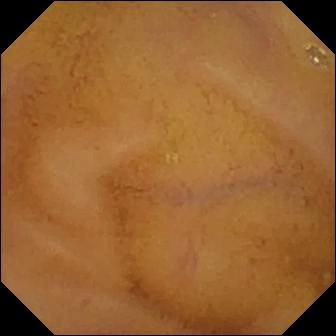Wireless capsule endoscopy. Finding: normal clean mucosa.